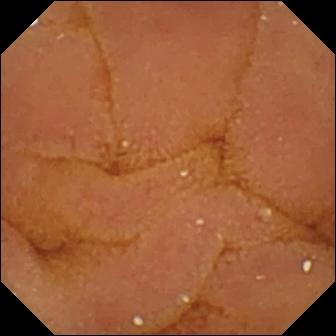WCE — normal clean mucosa.